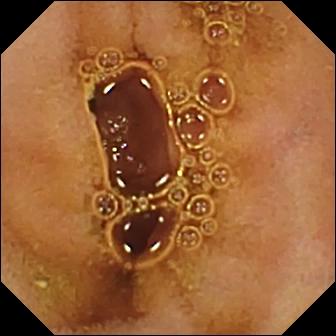Video capsule endoscopy. Small intestine. Luminal finding. Observation: normal clean mucosa.